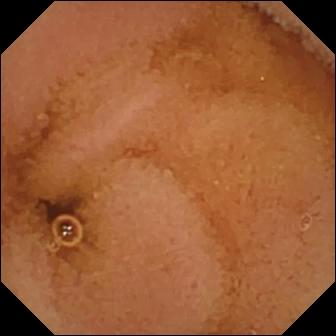WCE snapshot (small bowel), 336×336. Normal clean mucosa.